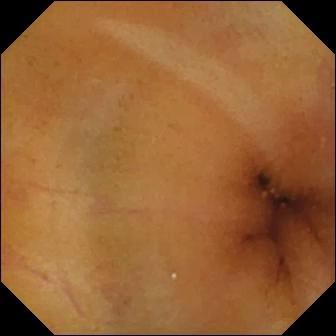- modality: wireless capsule endoscopy
- segment: small bowel
- finding: normal clean mucosa